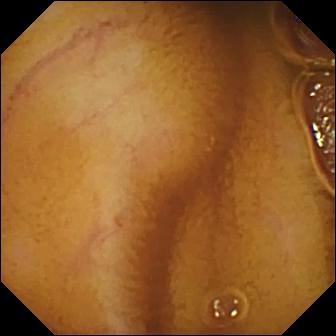- modality: video capsule endoscopy
- segment: small bowel
- impression: normal clean mucosa